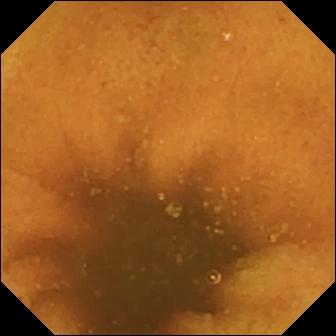Wireless capsule endoscopy — normal clean mucosa.